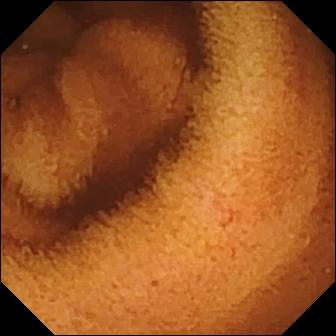{"modality": "wireless capsule endoscopy", "segment": "small bowel", "finding": "normal clean mucosa"}